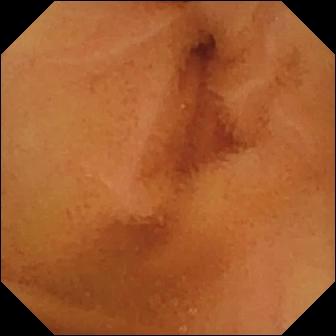- modality: VCE
- label: normal clean mucosa